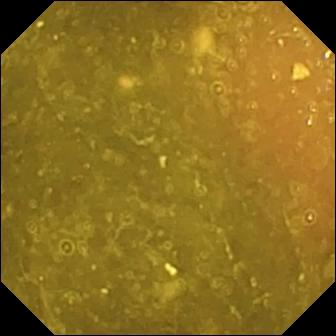{"modality": "wireless capsule endoscopy", "category": "anatomical landmark", "location": "ileo-cecal valve region (the transition from the small bowel to the large bowel)"}